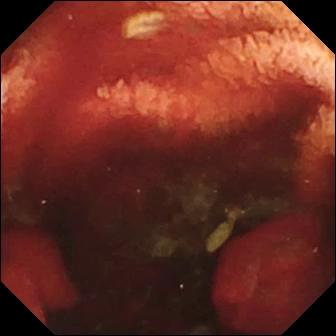Small-bowel capsule endoscopy — fresh blood in the lumen.